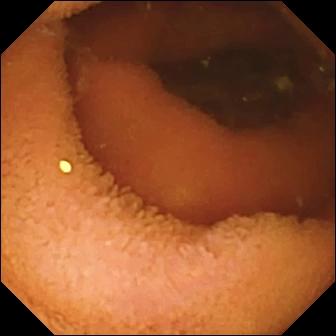Normal clean mucosa.